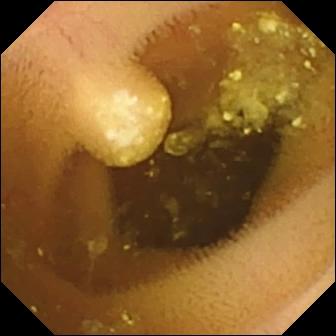modality: VCE
category: luminal finding
observation: lymphangiectasia